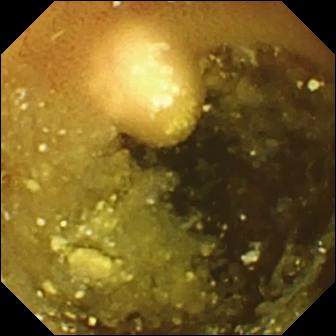PROCEDURE: Capsule endoscopy.
FINDINGS: Lymphangiectasia.